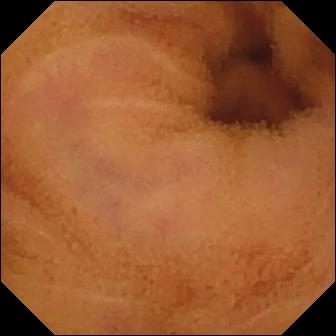VCE — normal clean mucosa.